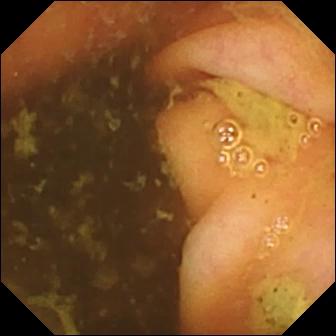PROCEDURE: Wireless capsule endoscopy.
VIDEO SEGMENT: Ileo-cecal valve region (the transition from the small bowel to the large bowel).